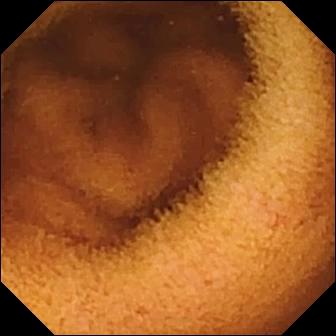- modality: capsule endoscopy
- segment: small bowel
- impression: normal clean mucosa